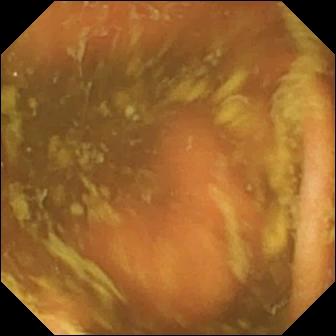This wireless capsule endoscopy image was taken in the ileo-cecal valve region (the transition from the small bowel to the large bowel).